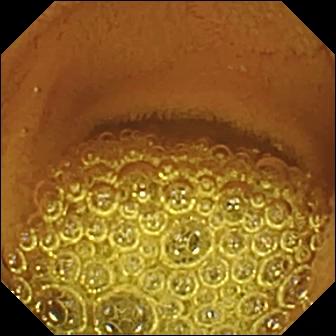This VCE image of the small intestine shows normal clean mucosa.